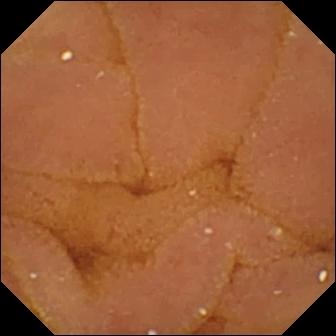Q: What does this small-bowel capsule endoscopy view show?
A: Normal clean mucosa.